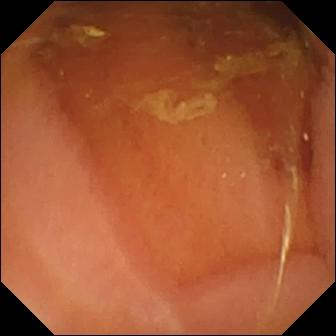Video capsule endoscopy — normal clean mucosa.